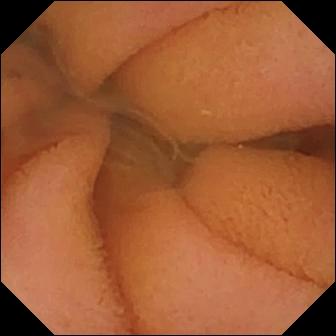PROCEDURE: WCE.
FINDINGS: Normal clean mucosa.